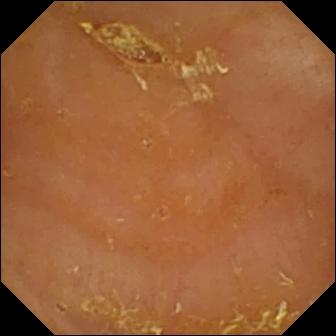VCE. Luminal finding. Label: reduced mucosal view (content or bubbles obscuring the mucosa).